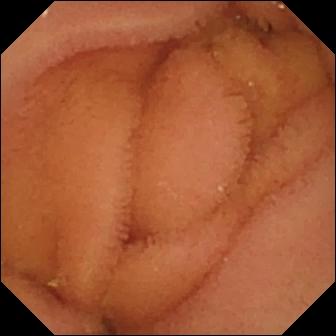Wireless capsule endoscopy still of the small intestine showing normal clean mucosa.